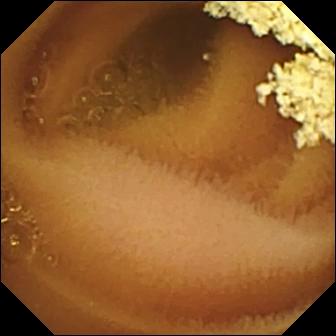Q: What does this VCE still show?
A: Normal clean mucosa.